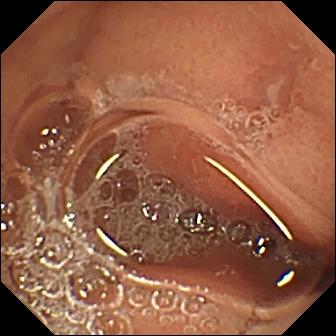WCE snapshot. Erosion.